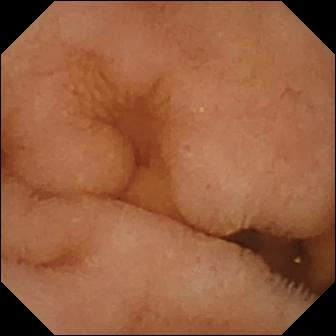WCE view, small bowel
Observation: normal clean mucosa